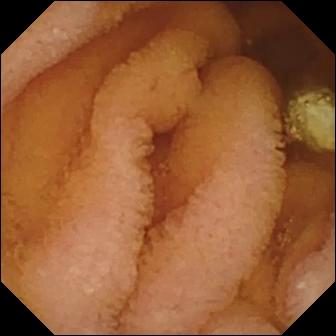Capsule endoscopy image (small intestine). Normal clean mucosa.